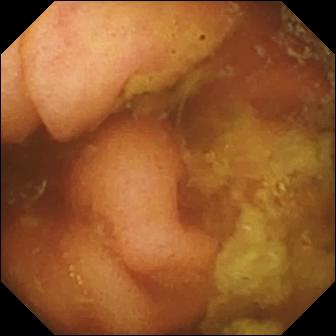{"modality": "capsule endoscopy", "category": "anatomical landmark", "position": "ileo-cecal valve region (where the capsule passes from the small bowel into the large bowel)"}